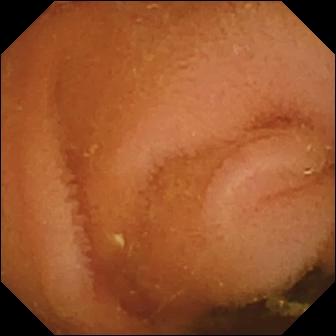Small-bowel capsule endoscopy snapshot showing normal clean mucosa.